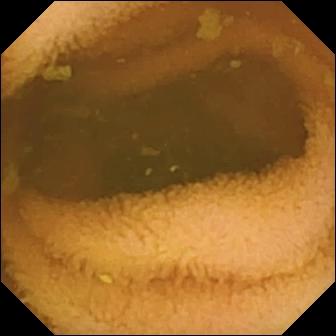Normal clean mucosa (336×336).